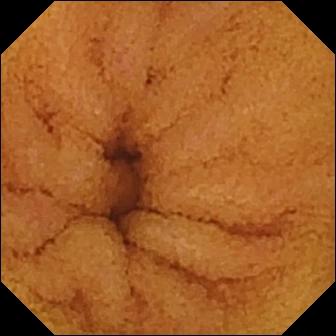Q: What does this wireless capsule endoscopy image of the small bowel show?
A: Normal clean mucosa.